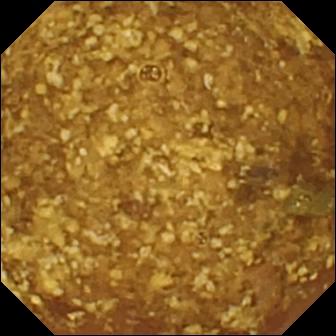- modality: video capsule endoscopy
- segment: small intestine
- category: luminal finding
- observation: reduced mucosal view (content or bubbles obscuring the mucosa)